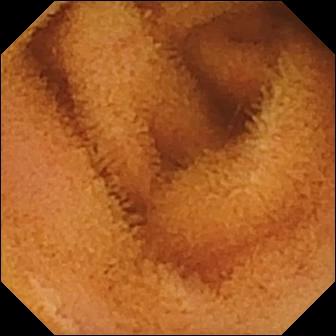Wireless capsule endoscopy — normal clean mucosa.